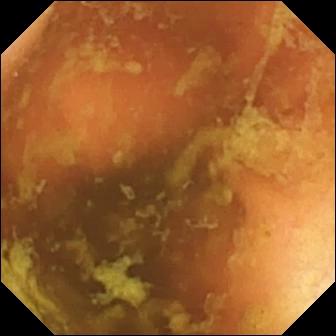modality: wireless capsule endoscopy | category: anatomical landmark | label: ileo-cecal valve region (the transition from the small bowel to the large bowel)